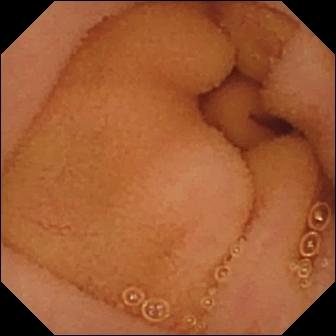{"modality": "small-bowel capsule endoscopy", "category": "luminal finding", "finding": "normal clean mucosa"}